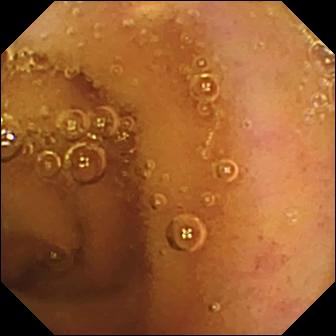Small-bowel capsule endoscopy. Small intestine. Observation: normal clean mucosa.